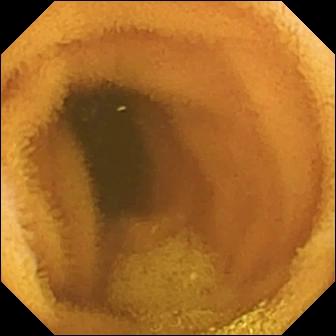modality: WCE; segment: small bowel; category: luminal finding; observation: normal clean mucosa